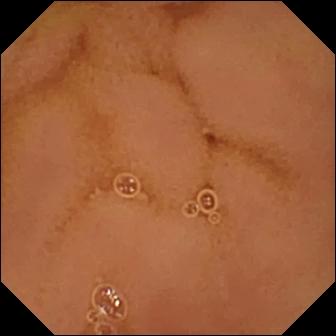This video capsule endoscopy still shows normal clean mucosa.